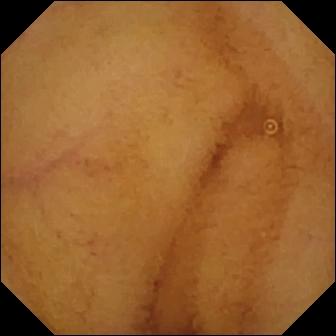This WCE snapshot shows normal clean mucosa.